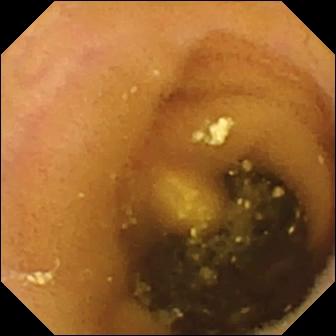{"modality": "wireless capsule endoscopy", "finding": "lymphangiectasia"}